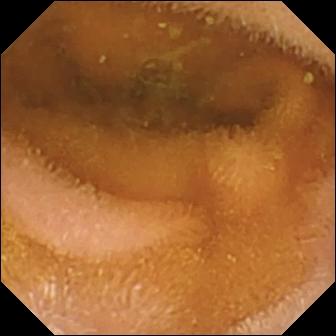Video capsule endoscopy frame
Label: normal clean mucosa